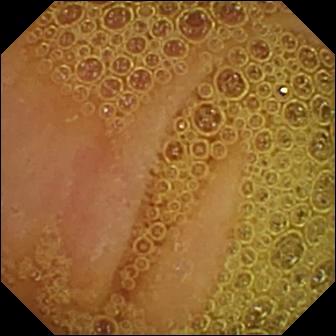Small-bowel capsule endoscopy. Small bowel. Observation: normal clean mucosa.